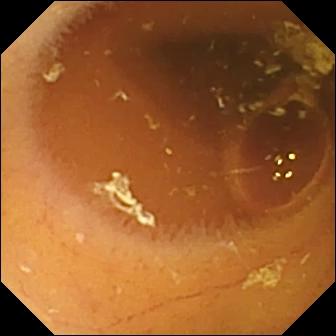Q: What does this wireless capsule endoscopy frame of the small bowel show?
A: Normal clean mucosa.